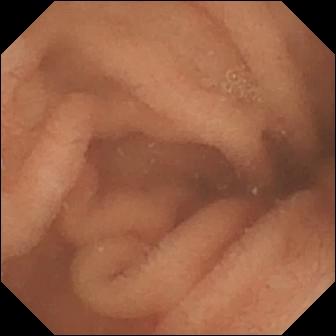Wireless capsule endoscopy — normal clean mucosa.